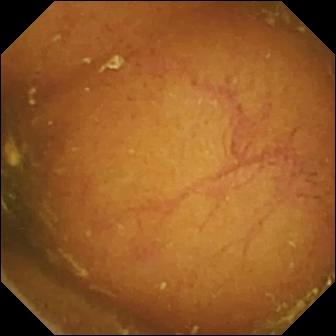- modality: wireless capsule endoscopy
- label: ileo-cecal valve region (where the capsule passes from the small bowel into the large bowel)